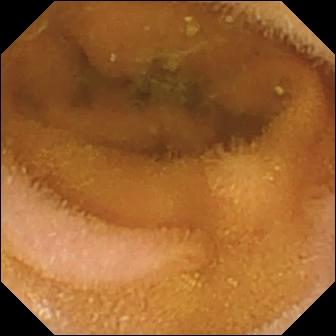modality: video capsule endoscopy; segment: small bowel; category: luminal finding; impression: normal clean mucosa